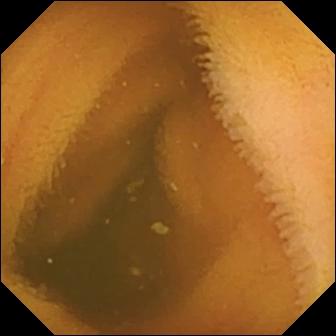PROCEDURE: Capsule endoscopy.
SEGMENT: Small bowel.
FINDINGS: Normal clean mucosa.